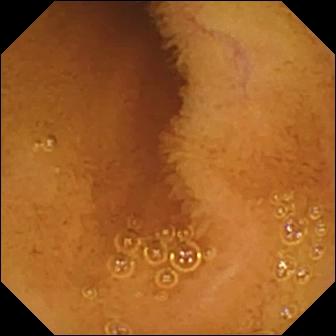Q: What does this WCE still show?
A: Normal clean mucosa.